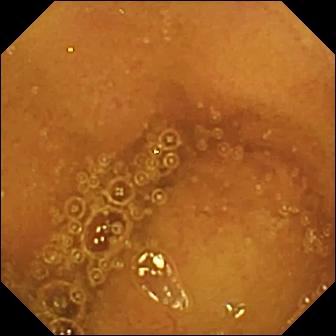Wireless capsule endoscopy — normal clean mucosa.